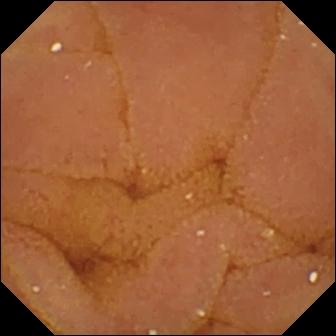VCE — normal clean mucosa.